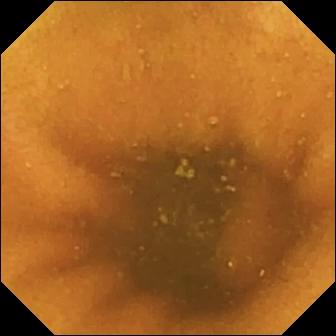modality: video capsule endoscopy | observation: normal clean mucosa